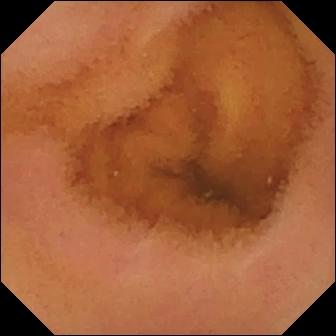- modality: VCE
- category: luminal finding
- observation: normal clean mucosa